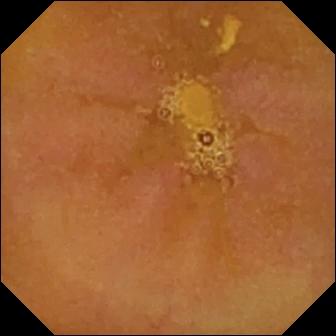This capsule endoscopy frame shows reduced mucosal view (content or bubbles obscuring the mucosa).